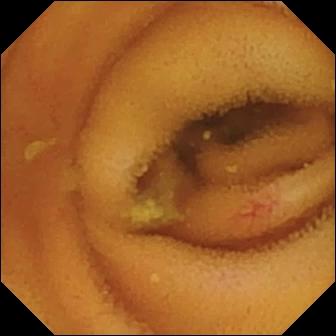{"modality": "wireless capsule endoscopy", "category": "luminal finding", "finding": "angiectasia"}